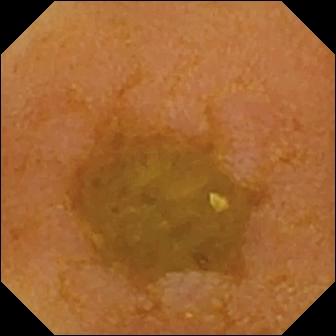This wireless capsule endoscopy still shows reduced mucosal view (content or bubbles obscuring the mucosa).